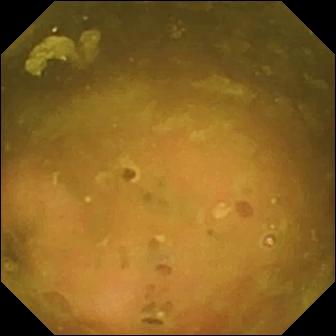Capsule endoscopy — ileo-cecal valve region (where the capsule passes from the small bowel into the large bowel).